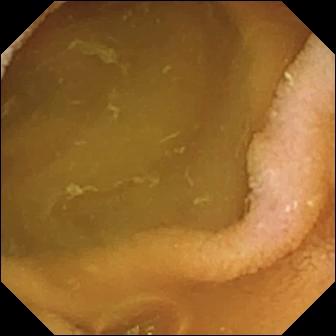modality: small-bowel capsule endoscopy
segment: small intestine
category: luminal finding
finding: normal clean mucosa